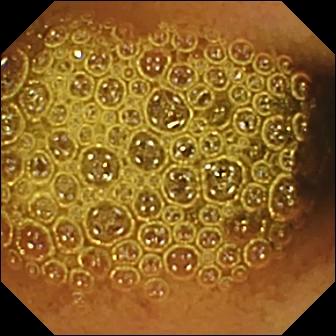Q: What does this wireless capsule endoscopy snapshot show?
A: Reduced mucosal view (content or bubbles obscuring the mucosa).